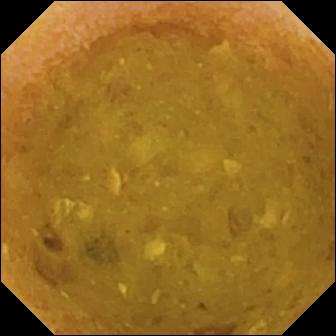Video capsule endoscopy — reduced mucosal view (content or bubbles obscuring the mucosa).